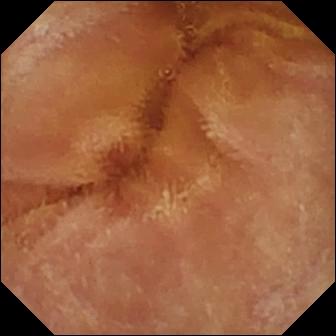PROCEDURE: VCE.
SEGMENT: Small intestine.
FINDINGS: Normal clean mucosa.